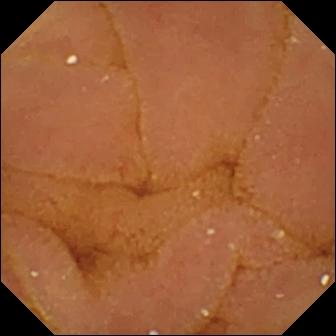Normal clean mucosa — video capsule endoscopy image.